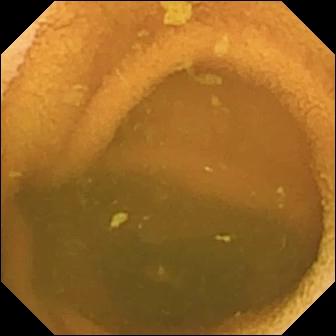- modality: small-bowel capsule endoscopy
- segment: small intestine
- observation: normal clean mucosa